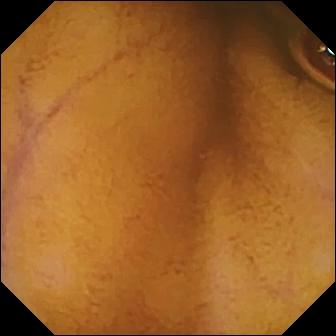Video capsule endoscopy snapshot of the small bowel showing normal clean mucosa.